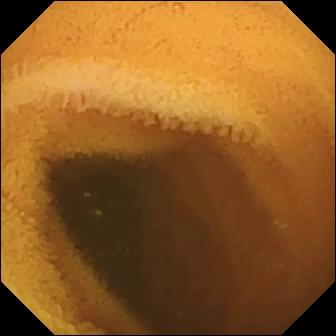Q: What does this VCE snapshot show?
A: Normal clean mucosa.